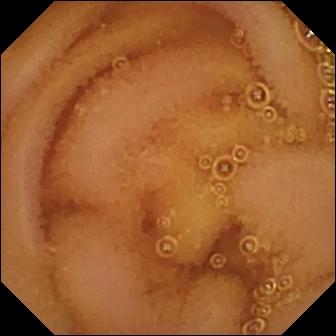{"modality": "VCE", "segment": "small bowel", "category": "luminal finding", "finding": "normal clean mucosa"}